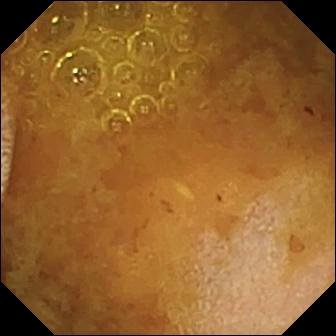Small-bowel capsule endoscopy still, small bowel
Impression: reduced mucosal view (content or bubbles obscuring the mucosa)